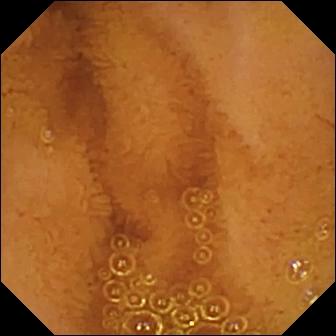Small-bowel capsule endoscopy snapshot
Impression: normal clean mucosa